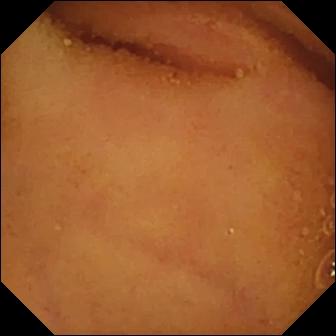Video capsule endoscopy snapshot, small bowel
Finding: normal clean mucosa